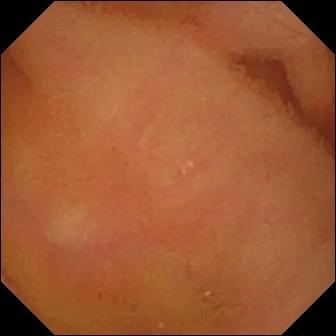Capsule endoscopy frame
Label: normal clean mucosa